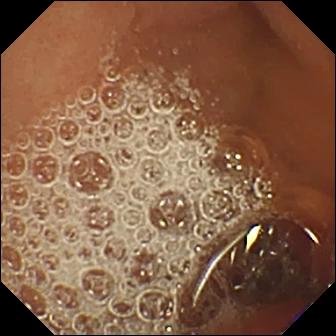Small-bowel capsule endoscopy view showing normal clean mucosa.